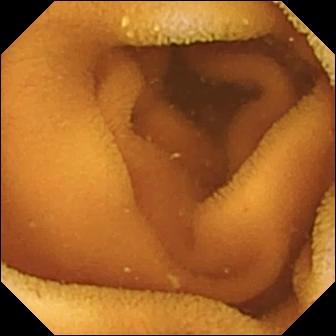Wireless capsule endoscopy image
Impression: normal clean mucosa